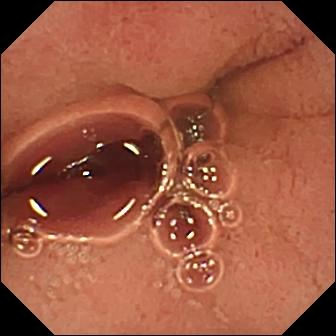PROCEDURE: Capsule endoscopy.
POSITION: Pylorus region.